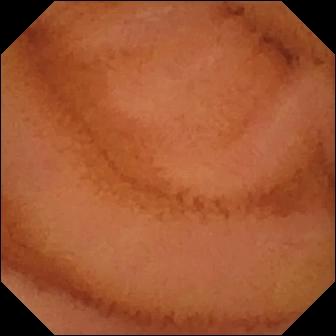Wireless capsule endoscopy. Luminal finding. Observation: normal clean mucosa.